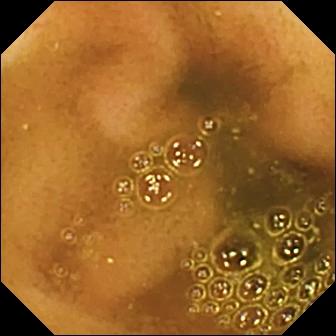modality: VCE
category: anatomical landmark
video segment: ileo-cecal valve region